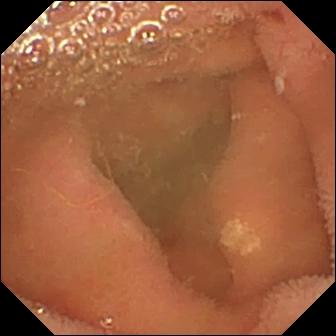Wireless capsule endoscopy snapshot
Impression: lymphangiectasia